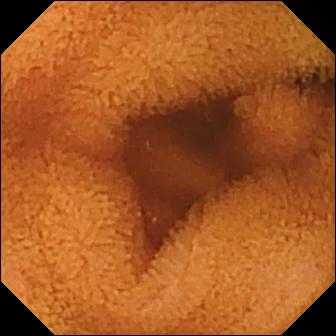PROCEDURE: VCE.
FINDINGS: Normal clean mucosa.